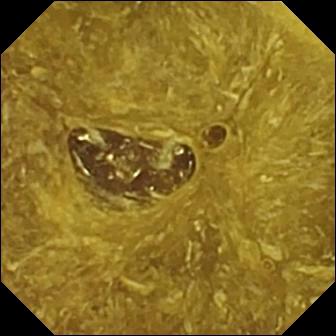VCE frame
Impression: reduced mucosal view (content or bubbles obscuring the mucosa)